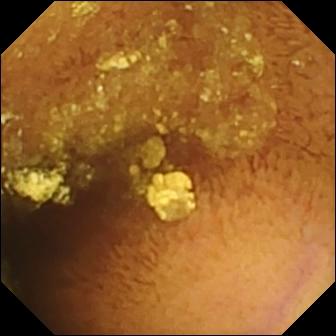- modality: capsule endoscopy
- segment: small bowel
- category: luminal finding
- observation: normal clean mucosa